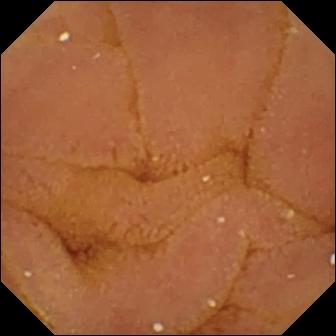Wireless capsule endoscopy — normal clean mucosa.